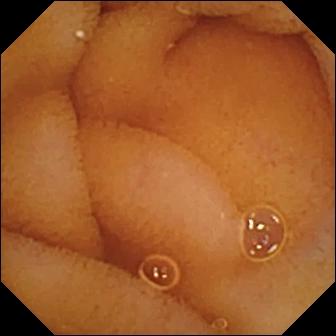- modality: VCE
- observation: normal clean mucosa